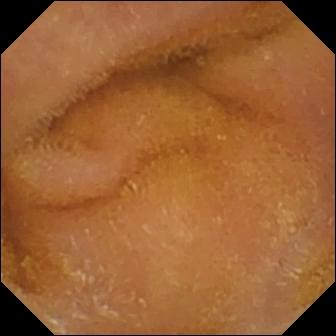PROCEDURE: WCE.
SEGMENT: Small intestine.
FINDINGS: Normal clean mucosa.